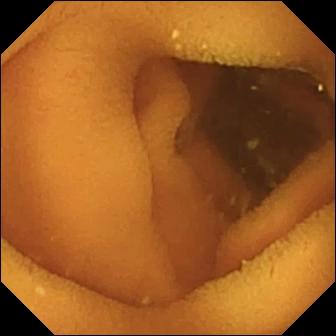- modality: wireless capsule endoscopy
- finding: normal clean mucosa